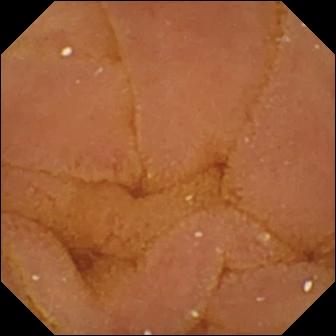PROCEDURE: Wireless capsule endoscopy.
FINDINGS: Normal clean mucosa.